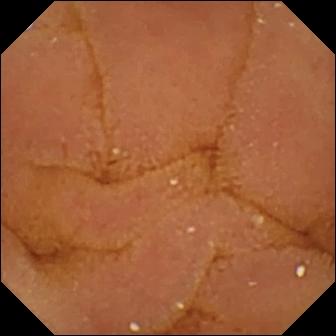Q: What does this VCE view show?
A: Normal clean mucosa.